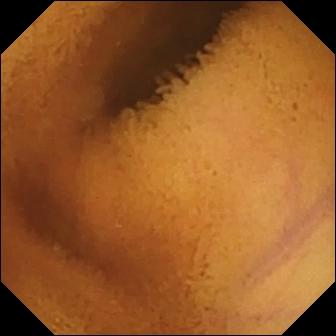Capsule endoscopy snapshot of the small bowel showing normal clean mucosa.